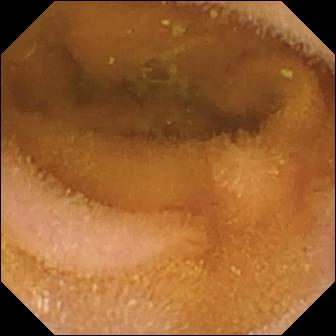Normal clean mucosa — WCE still of the small intestine.